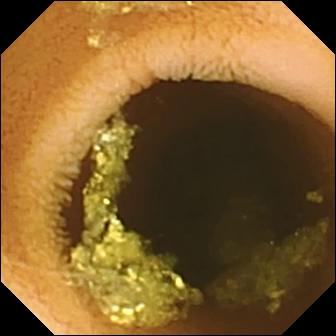Small-bowel capsule endoscopy — normal clean mucosa.